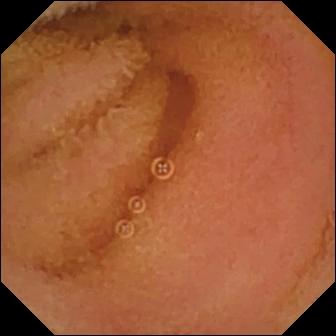Q: What does this VCE frame of the small bowel show?
A: Normal clean mucosa.